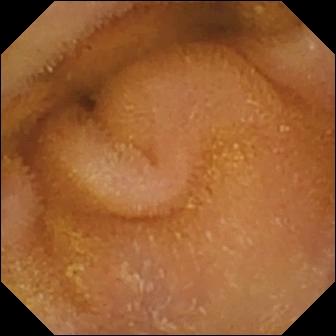WCE snapshot showing normal clean mucosa.